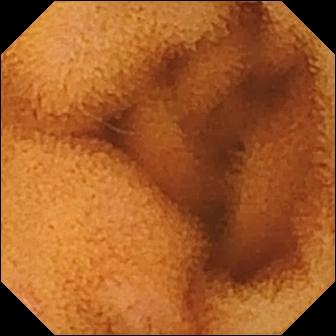modality: wireless capsule endoscopy | label: normal clean mucosa